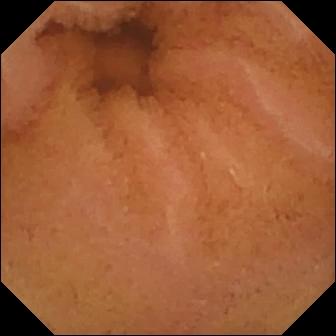Normal clean mucosa — small-bowel capsule endoscopy image of the small intestine.